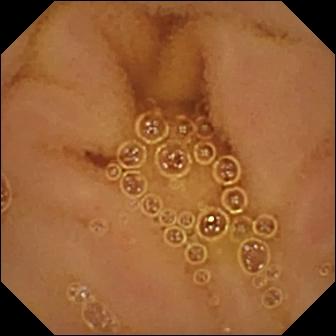Normal clean mucosa — capsule endoscopy still.